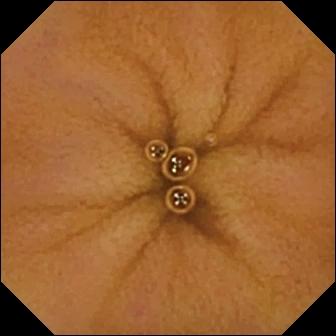- modality: capsule endoscopy
- segment: small bowel
- impression: normal clean mucosa